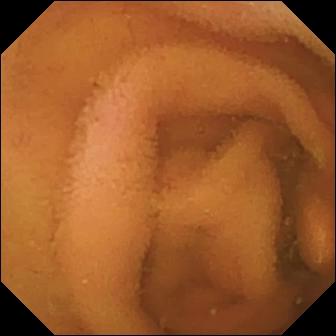modality: capsule endoscopy | segment: small intestine | category: luminal finding | label: normal clean mucosa